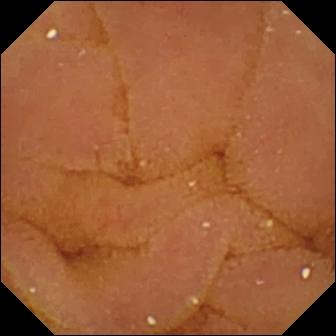modality: small-bowel capsule endoscopy; segment: small bowel; finding: normal clean mucosa